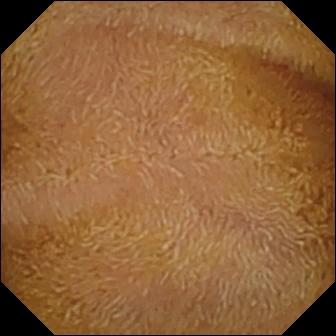PROCEDURE: Capsule endoscopy.
SEGMENT: Small intestine.
FINDINGS: Normal clean mucosa.